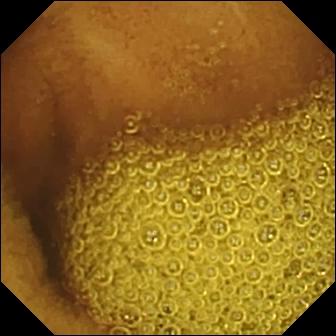- modality: VCE
- finding: normal clean mucosa